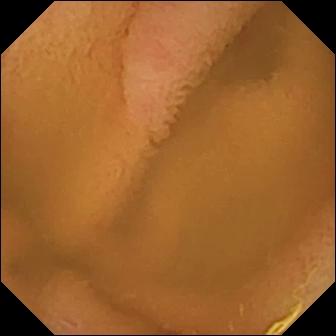VCE — normal clean mucosa.